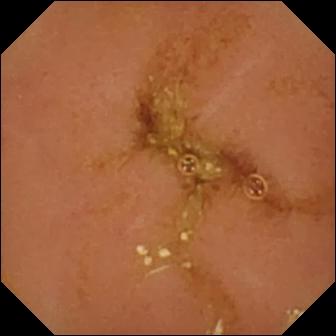Q: What does this video capsule endoscopy snapshot show?
A: Normal clean mucosa.